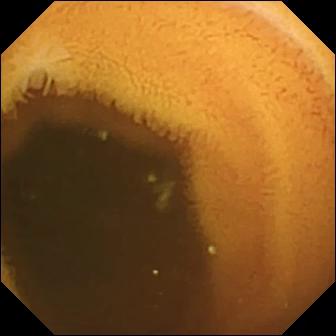WCE still showing normal clean mucosa.